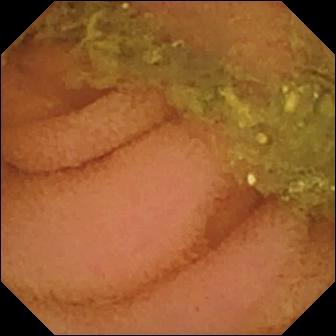Wireless capsule endoscopy snapshot
Impression: normal clean mucosa